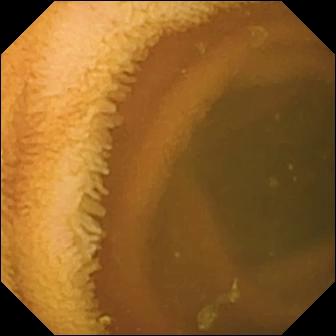modality: video capsule endoscopy
finding: normal clean mucosa